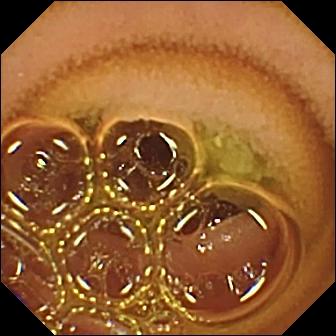Normal clean mucosa — WCE snapshot.